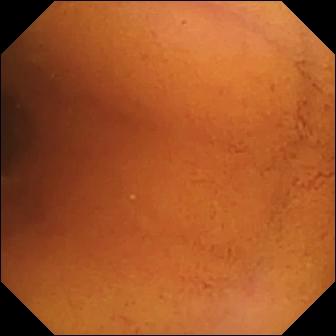Wireless capsule endoscopy. Small bowel. Observation: normal clean mucosa.